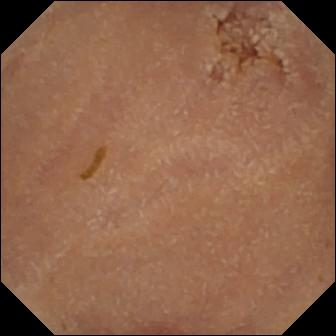Normal clean mucosa.